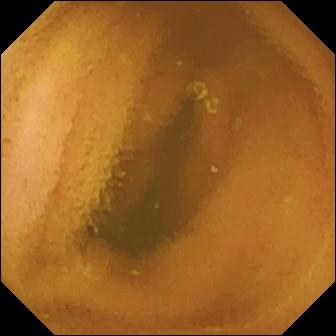PROCEDURE: Video capsule endoscopy.
SEGMENT: Small intestine.
FINDINGS: Normal clean mucosa.